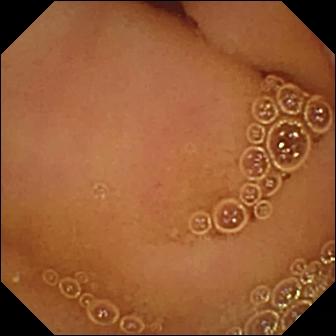{"modality": "wireless capsule endoscopy", "finding": "normal clean mucosa"}